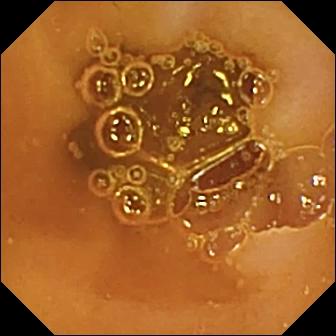PROCEDURE: WCE.
FINDINGS: Normal clean mucosa.